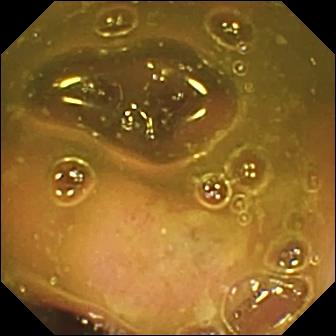Small-bowel capsule endoscopy frame taken in the ileo-cecal valve region (where the capsule passes from the small bowel into the large bowel).